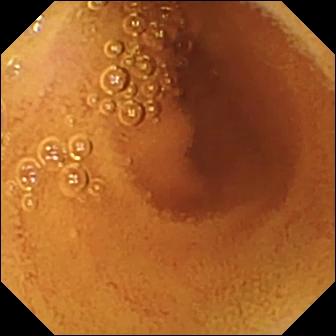{"modality": "VCE", "segment": "small bowel", "finding": "normal clean mucosa"}